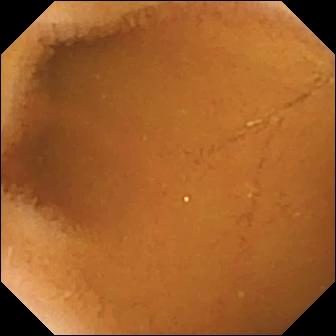Q: What does this wireless capsule endoscopy still show?
A: Normal clean mucosa.